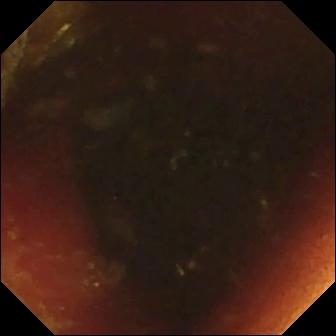WCE image taken in the ileo-cecal valve region (where the capsule passes from the small bowel into the large bowel).